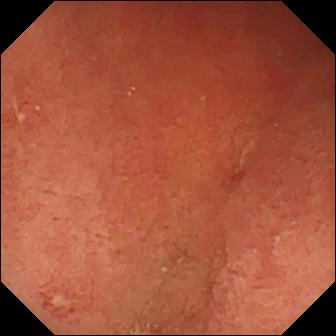PROCEDURE: Small-bowel capsule endoscopy.
POSITION: Pylorus region (where the capsule passes from the stomach into the small bowel).